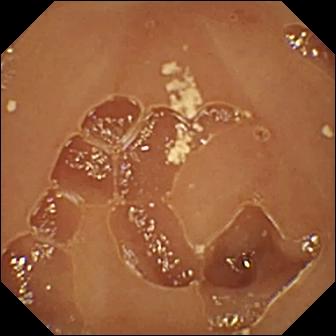Normal clean mucosa.